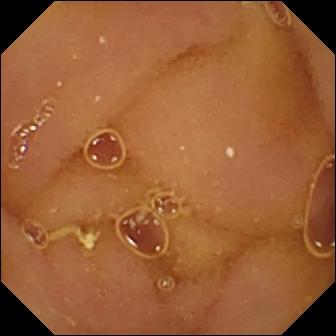- modality: wireless capsule endoscopy
- segment: small bowel
- category: luminal finding
- observation: normal clean mucosa